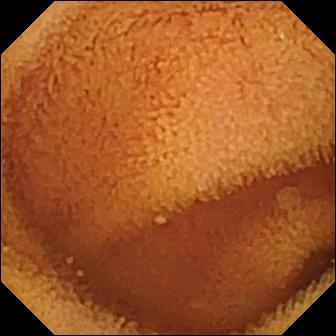Video capsule endoscopy still showing normal clean mucosa.